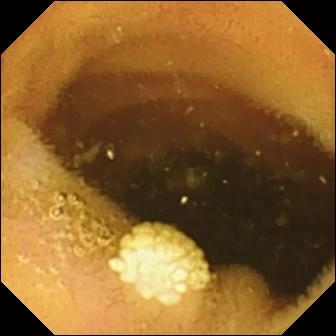Q: What does this WCE frame show?
A: Lymphangiectasia.